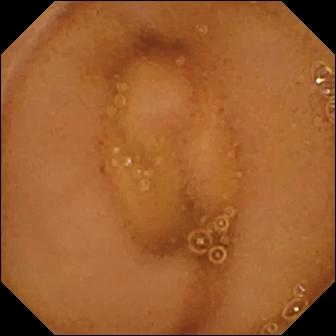This wireless capsule endoscopy snapshot shows normal clean mucosa.